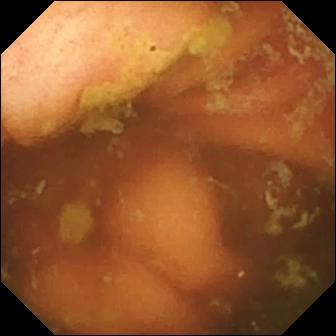PROCEDURE: VCE.
LABEL: Ileo-cecal valve region.